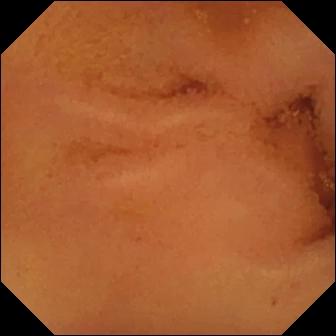- modality: capsule endoscopy
- label: normal clean mucosa